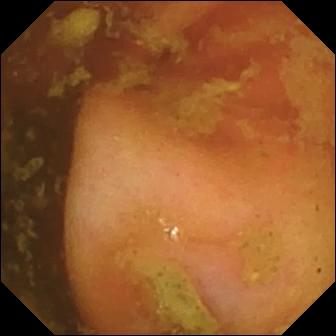WCE. Location: ileo-cecal valve region (the transition from the small bowel to the large bowel).